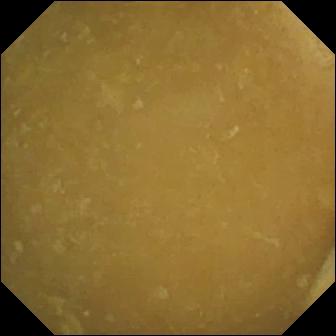VCE frame, 336×336. Taken in the ileo-cecal valve region.